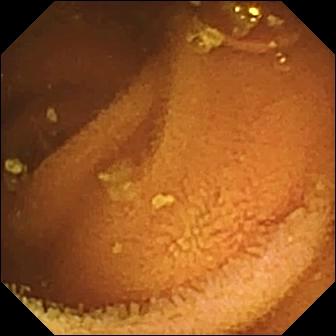Small-bowel capsule endoscopy — normal clean mucosa.